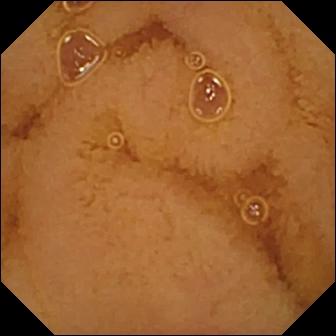Normal clean mucosa.